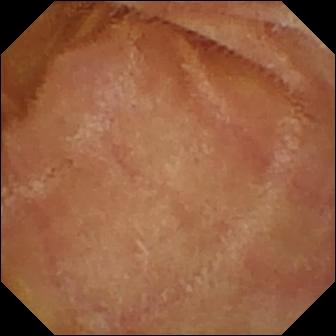Normal clean mucosa (336×336).